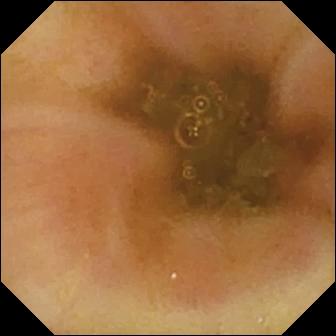{"modality": "VCE", "label": "ileo-cecal valve region (the transition from the small bowel to the large bowel)"}